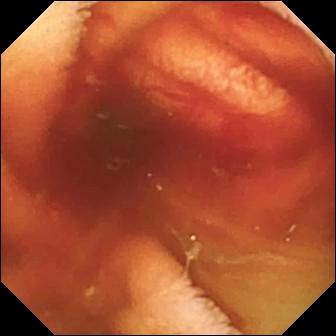Small-bowel capsule endoscopy snapshot showing fresh blood in the lumen.